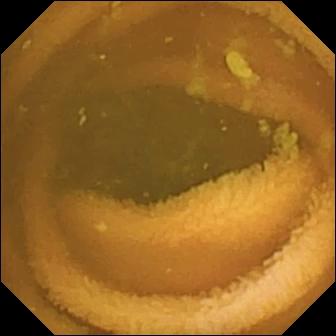Small-bowel capsule endoscopy image
Finding: normal clean mucosa